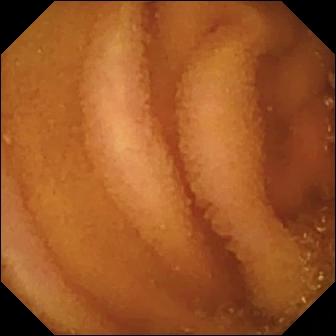WCE still, 336×336. Normal clean mucosa.